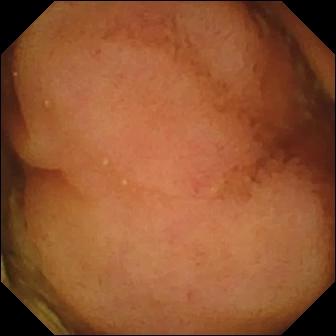PROCEDURE: Capsule endoscopy.
FINDINGS: Polyp.